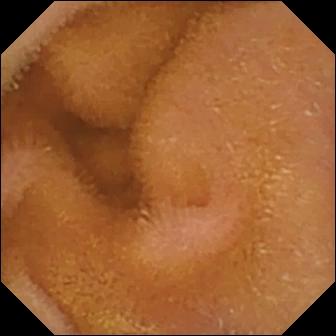PROCEDURE: WCE.
SEGMENT: Small bowel.
FINDINGS: Normal clean mucosa.